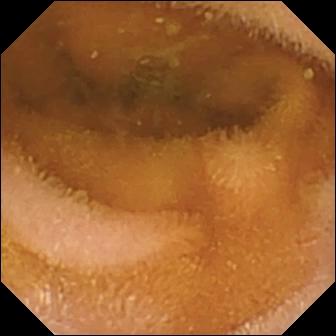PROCEDURE: Small-bowel capsule endoscopy.
SEGMENT: Small bowel.
FINDINGS: Normal clean mucosa.